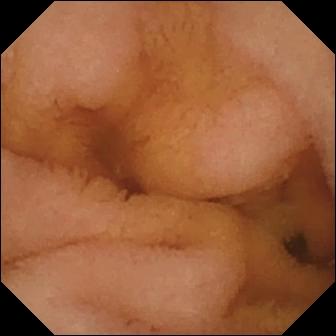PROCEDURE: VCE.
SEGMENT: Small intestine.
FINDINGS: Normal clean mucosa.